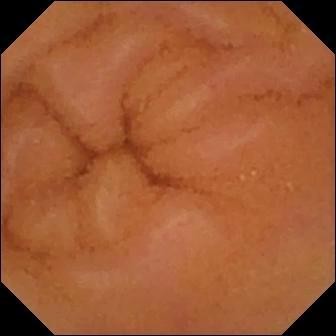PROCEDURE: VCE.
SEGMENT: Small bowel.
FINDINGS: Normal clean mucosa.